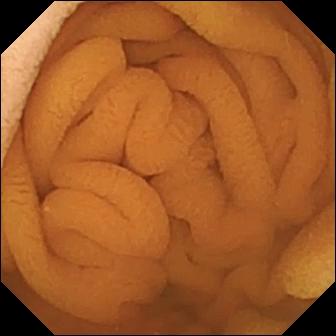PROCEDURE: WCE.
SEGMENT: Small bowel.
FINDINGS: Normal clean mucosa.